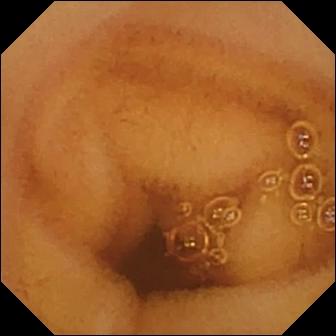Q: What does this capsule endoscopy frame of the small intestine show?
A: Normal clean mucosa.